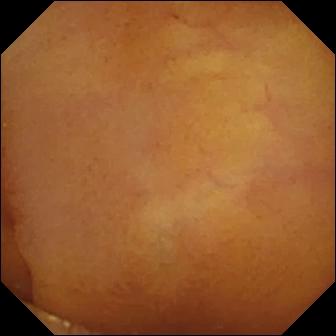Capsule endoscopy snapshot, small intestine
Observation: normal clean mucosa